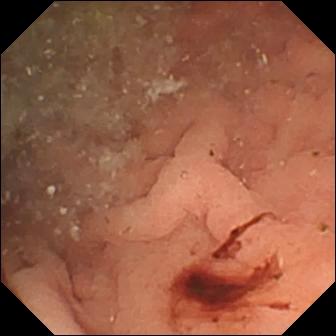Angiectasia — WCE frame.